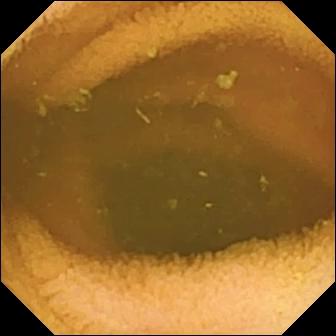Q: What does this VCE snapshot of the small bowel show?
A: Normal clean mucosa.